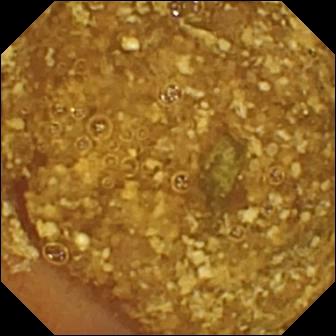Small-bowel capsule endoscopy image. Reduced mucosal view (content or bubbles obscuring the mucosa).